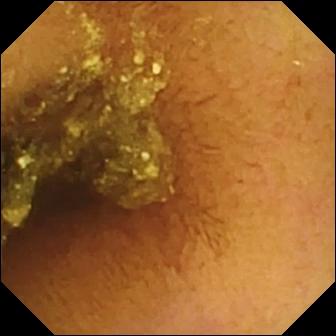This VCE frame shows normal clean mucosa.